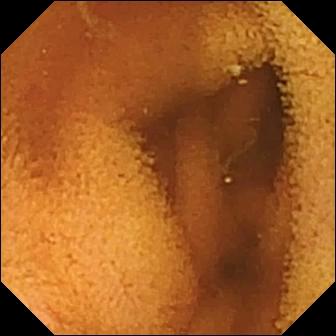Q: What does this VCE still show?
A: Normal clean mucosa.